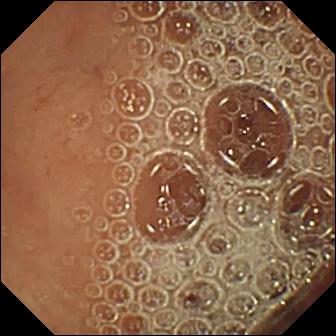Normal clean mucosa.